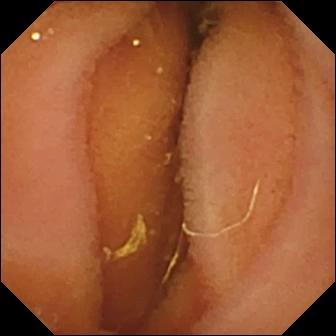Normal clean mucosa — video capsule endoscopy still of the small bowel.